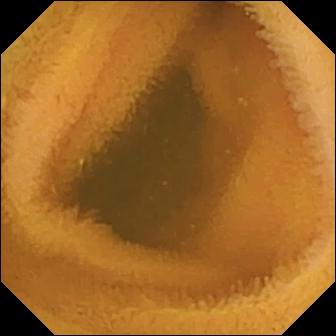Capsule endoscopy frame of the small intestine showing normal clean mucosa.